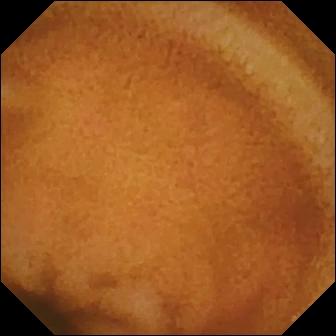Video capsule endoscopy. Observation: normal clean mucosa.